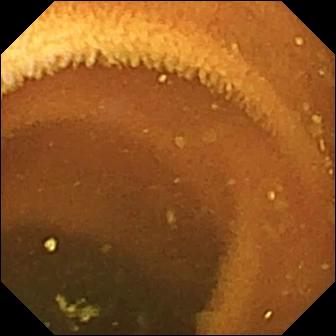PROCEDURE: Capsule endoscopy.
FINDINGS: Normal clean mucosa.